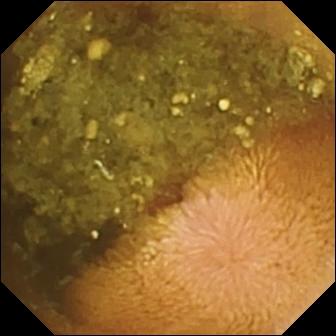PROCEDURE: WCE.
SEGMENT: Small intestine.
FINDINGS: Reduced mucosal view (content or bubbles obscuring the mucosa).